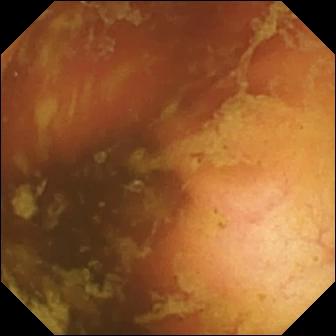Ileo-cecal valve region (the transition from the small bowel to the large bowel).